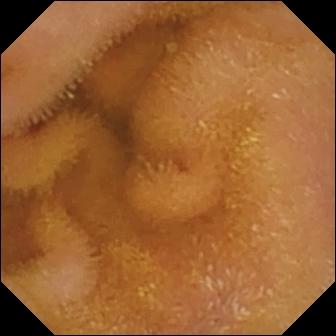modality: wireless capsule endoscopy; impression: normal clean mucosa